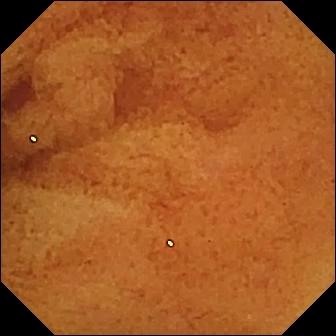PROCEDURE: Capsule endoscopy.
FINDINGS: Normal clean mucosa.